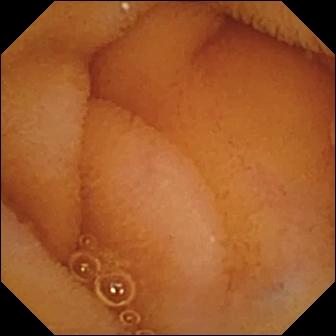PROCEDURE: Small-bowel capsule endoscopy.
SEGMENT: Small bowel.
FINDINGS: Normal clean mucosa.